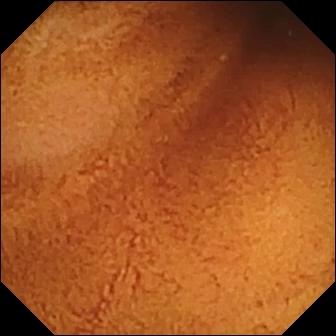Normal clean mucosa — wireless capsule endoscopy frame of the small bowel.